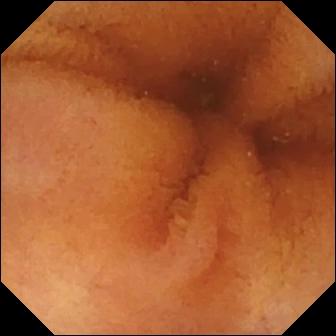modality: WCE
segment: small bowel
label: normal clean mucosa